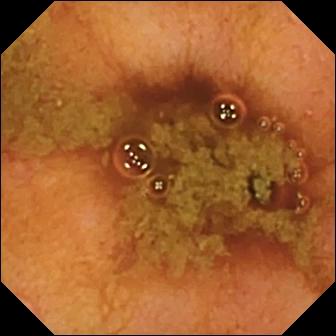Ileo-cecal valve region (the transition from the small bowel to the large bowel), 336×336.